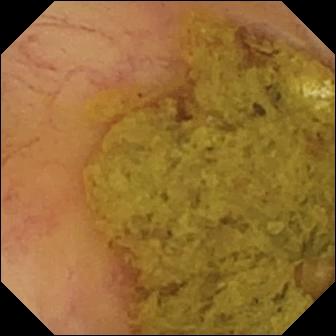modality: wireless capsule endoscopy; label: ileo-cecal valve region (where the capsule passes from the small bowel into the large bowel)